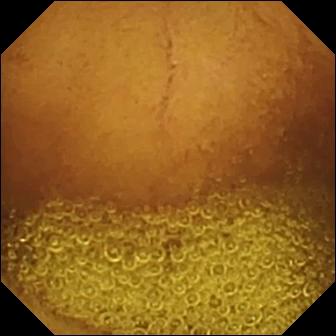VCE image
Observation: normal clean mucosa